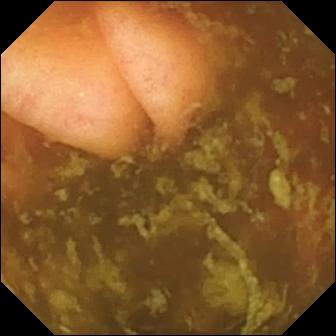WCE — ileo-cecal valve region.